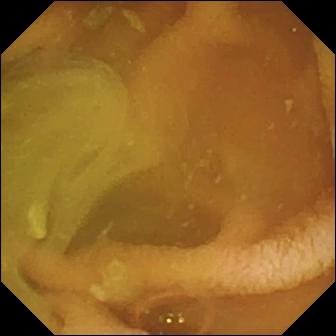Wireless capsule endoscopy snapshot of the small intestine showing normal clean mucosa.